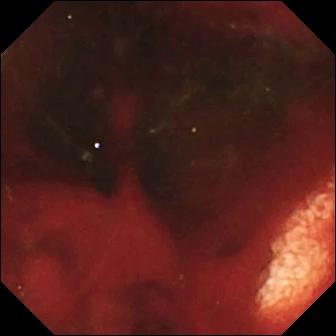Video capsule endoscopy view showing fresh blood in the lumen.